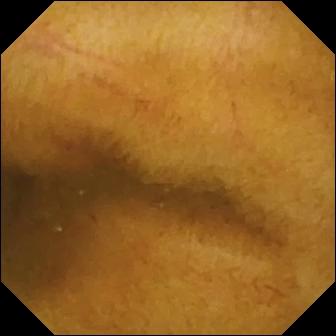Normal clean mucosa — wireless capsule endoscopy image.